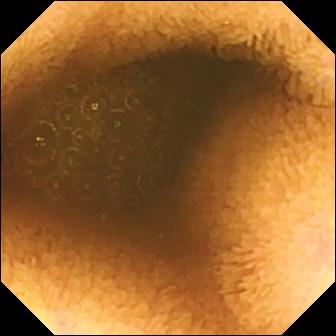VCE. Small intestine. Luminal finding. Observation: reduced mucosal view (content or bubbles obscuring the mucosa).